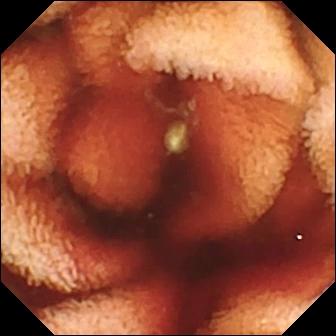Wireless capsule endoscopy image
Observation: fresh blood in the lumen